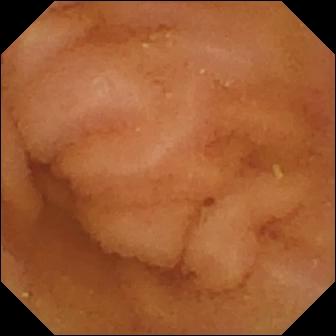Q: What does this video capsule endoscopy still of the small bowel show?
A: Normal clean mucosa.